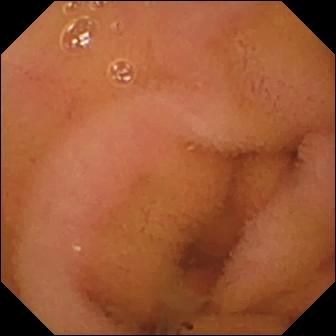WCE frame of the small bowel showing normal clean mucosa.